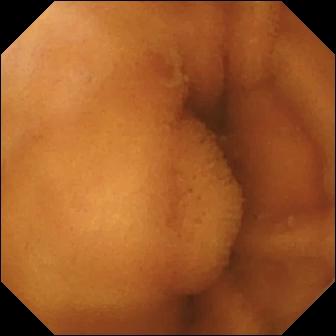Capsule endoscopy. Small intestine. Luminal finding. Finding: normal clean mucosa.